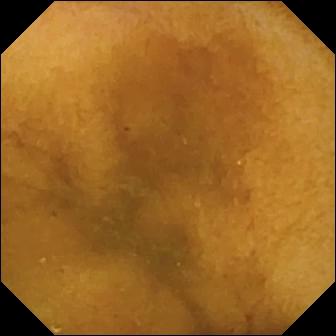Wireless capsule endoscopy. Small bowel. Finding: normal clean mucosa.